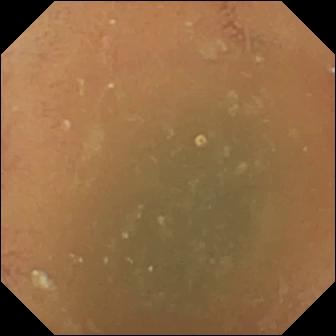This small-bowel capsule endoscopy snapshot shows normal clean mucosa.